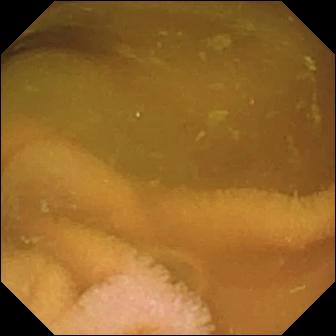Small-bowel capsule endoscopy — normal clean mucosa.